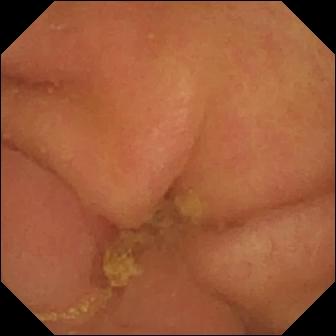{"modality": "WCE", "location": "pylorus region (the junction between the stomach and the small bowel)"}